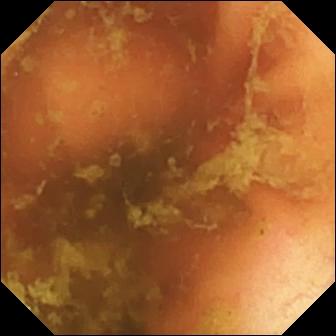Capsule endoscopy. Label: ileo-cecal valve region (the transition from the small bowel to the large bowel).